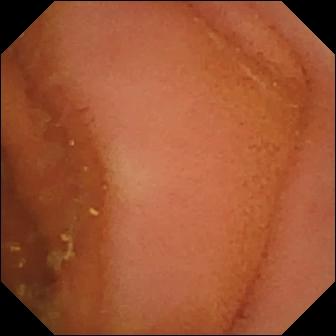{"modality": "VCE", "segment": "small intestine", "finding": "normal clean mucosa"}